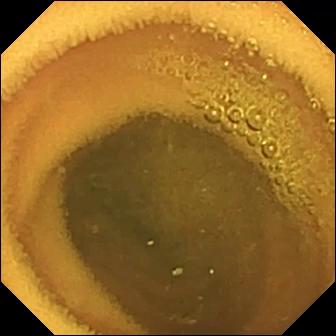- modality: video capsule endoscopy
- label: normal clean mucosa